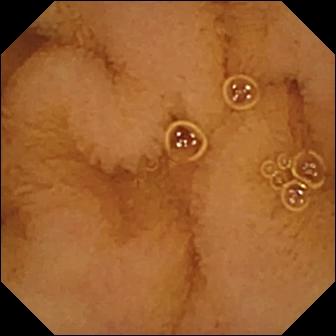This VCE still of the small intestine shows normal clean mucosa.